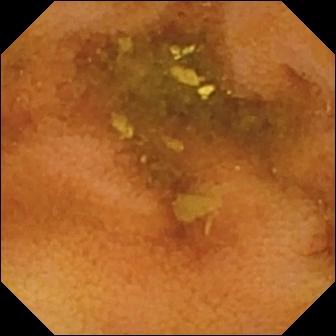Wireless capsule endoscopy — normal clean mucosa.